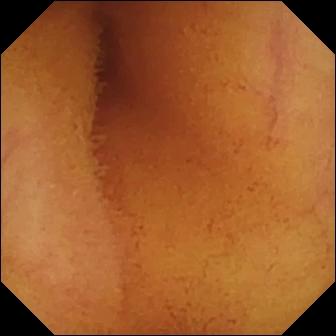Normal clean mucosa — capsule endoscopy view.